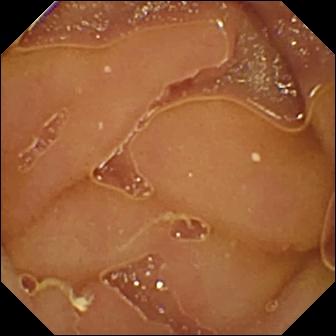modality: wireless capsule endoscopy; segment: small intestine; category: luminal finding; impression: normal clean mucosa